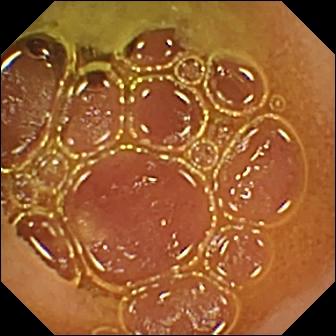modality: small-bowel capsule endoscopy | category: luminal finding | finding: normal clean mucosa